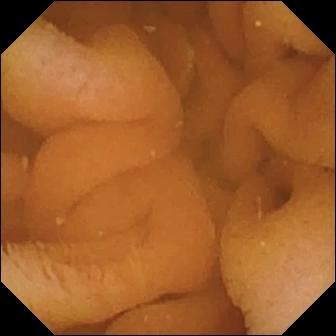Normal clean mucosa.